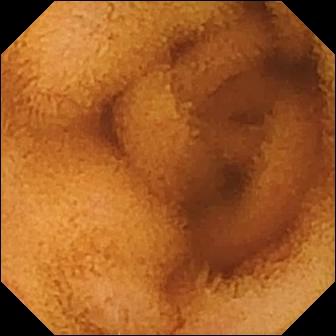This small-bowel capsule endoscopy still shows normal clean mucosa.